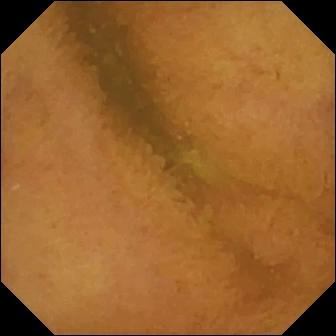Small-bowel capsule endoscopy image (small bowel). Normal clean mucosa.